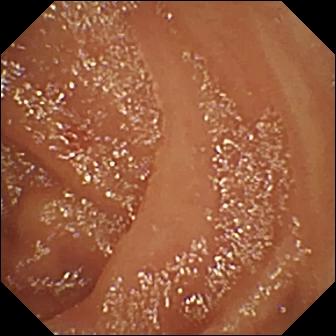- modality: WCE
- impression: angiectasia